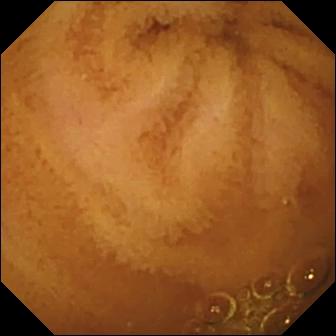Capsule endoscopy image (small bowel), 336×336. Normal clean mucosa.